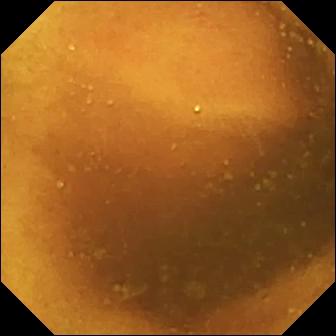{"modality": "video capsule endoscopy", "segment": "small bowel", "finding": "normal clean mucosa"}